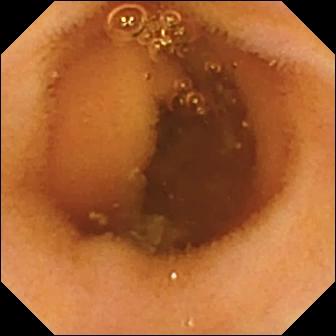Small-bowel capsule endoscopy — normal clean mucosa.